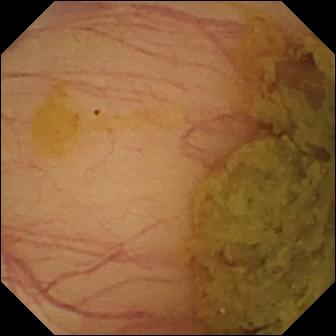PROCEDURE: Capsule endoscopy.
LOCATION: Ileo-cecal valve region (the transition from the small bowel to the large bowel).